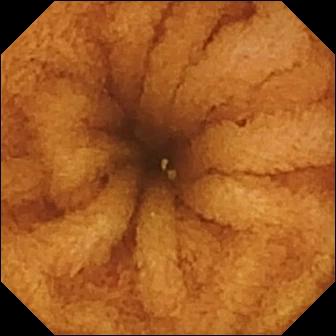{"modality": "VCE", "segment": "small bowel", "finding": "normal clean mucosa"}